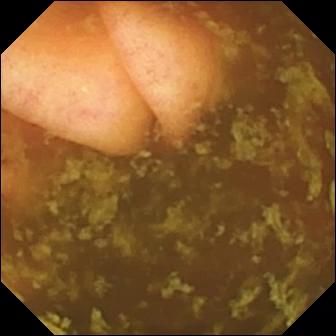Q: Where in the digestive tract was this WCE frame taken?
A: Ileo-cecal valve region (the transition from the small bowel to the large bowel).